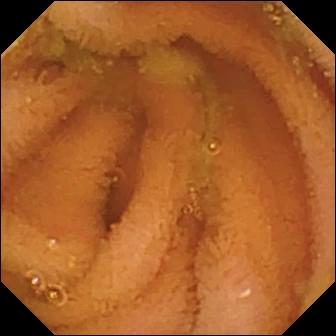Q: What does this wireless capsule endoscopy snapshot show?
A: Normal clean mucosa.